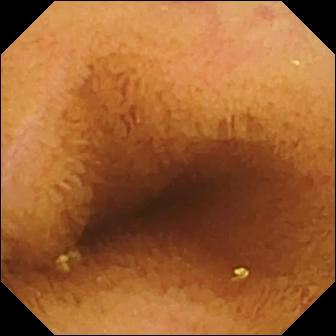Small-bowel capsule endoscopy. Finding: normal clean mucosa.